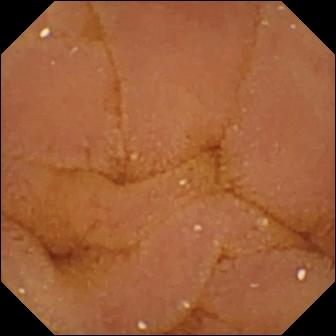WCE — normal clean mucosa.